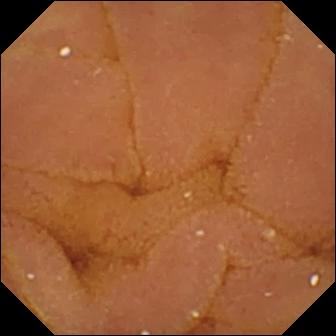Normal clean mucosa.